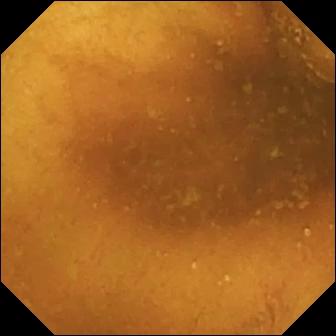Small-bowel capsule endoscopy — normal clean mucosa.